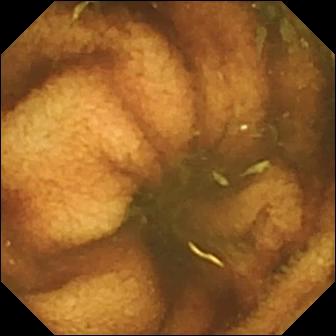VCE. Label: ileo-cecal valve region (where the capsule passes from the small bowel into the large bowel).